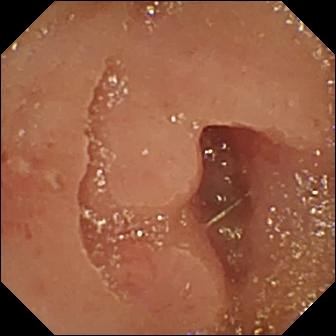This WCE frame shows erosion.